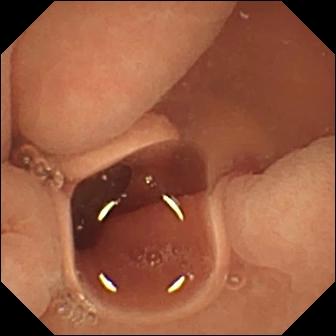Small-bowel capsule endoscopy still
Impression: normal clean mucosa